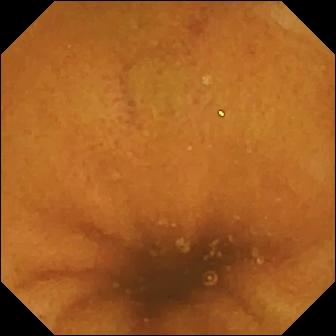Wireless capsule endoscopy frame, 336×336. Normal clean mucosa.